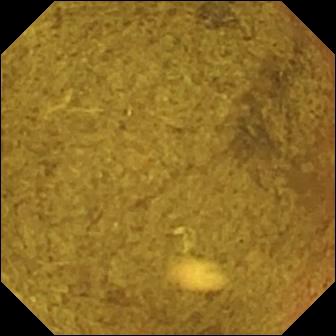PROCEDURE: WCE.
LOCATION: Ileo-cecal valve region (the transition from the small bowel to the large bowel).